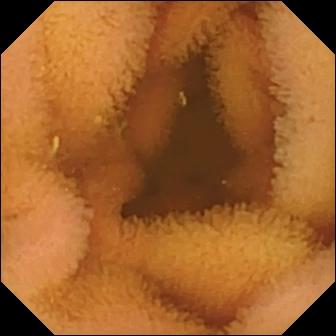{"modality": "video capsule endoscopy", "segment": "small intestine", "category": "luminal finding", "finding": "normal clean mucosa"}